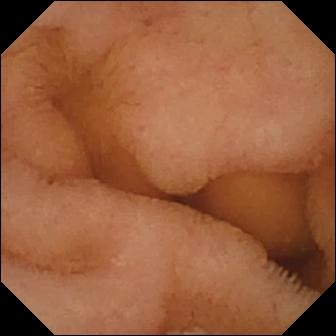modality: small-bowel capsule endoscopy
segment: small bowel
category: luminal finding
observation: normal clean mucosa